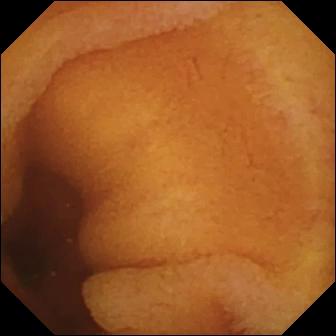Video capsule endoscopy frame of the small intestine showing normal clean mucosa.